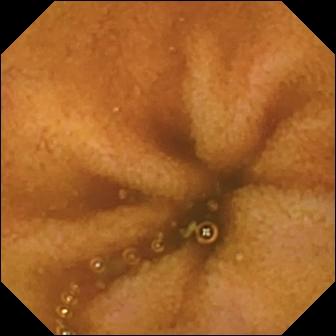Small-bowel capsule endoscopy view, small intestine
Finding: normal clean mucosa